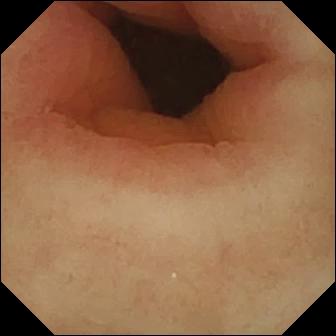{"modality": "wireless capsule endoscopy", "label": "pylorus region (the junction between the stomach and the small bowel)"}